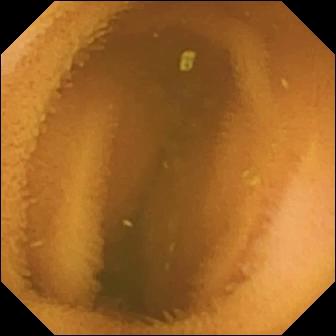VCE view. Normal clean mucosa.